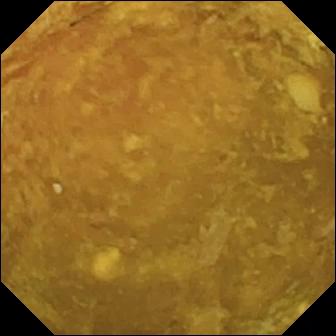Reduced mucosal view (content or bubbles obscuring the mucosa).